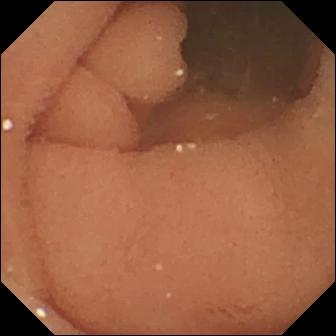Small-bowel capsule endoscopy frame (small intestine), 336×336. Normal clean mucosa.